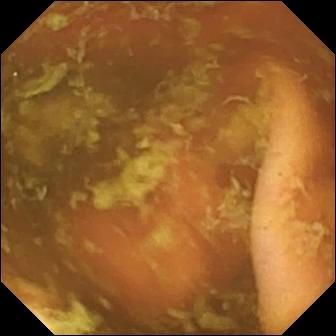Small-bowel capsule endoscopy frame. Taken in the ileo-cecal valve region (the transition from the small bowel to the large bowel).